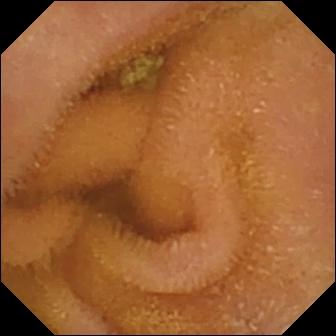This capsule endoscopy frame of the small bowel shows normal clean mucosa.